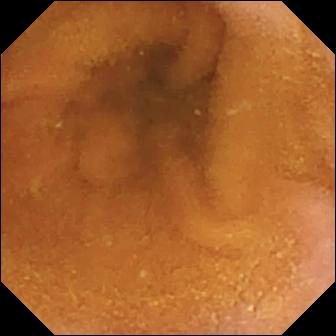Video capsule endoscopy snapshot, 336×336. Normal clean mucosa.